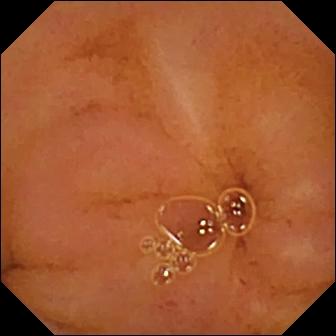VCE. Finding: normal clean mucosa.